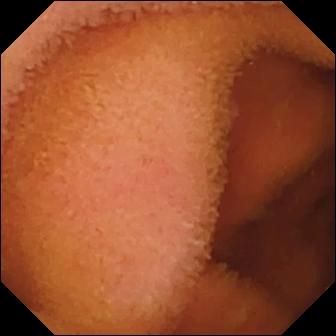PROCEDURE: VCE.
FINDINGS: Normal clean mucosa.